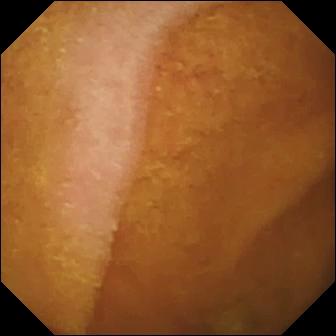Normal clean mucosa.